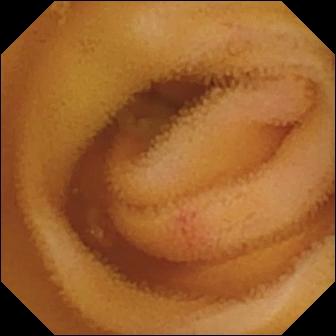PROCEDURE: Video capsule endoscopy.
FINDINGS: Angiectasia.